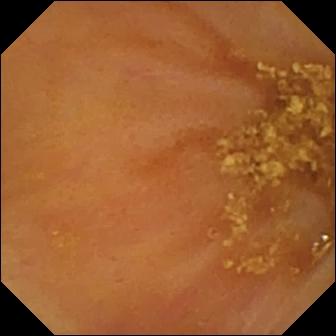Ileo-cecal valve region (the transition from the small bowel to the large bowel).